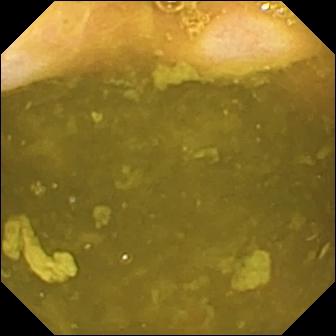modality: wireless capsule endoscopy
category: anatomical landmark
video segment: ileo-cecal valve region (the transition from the small bowel to the large bowel)